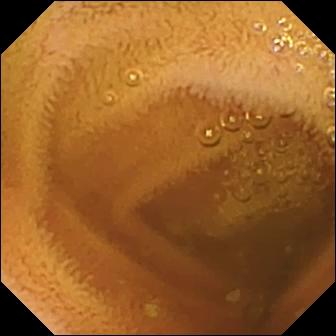Normal clean mucosa — capsule endoscopy view.